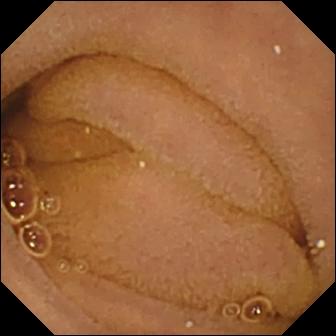Q: What does this WCE frame of the small bowel show?
A: Normal clean mucosa.